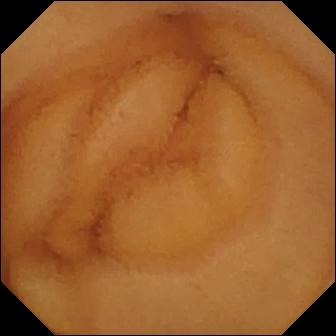WCE. Observation: normal clean mucosa.